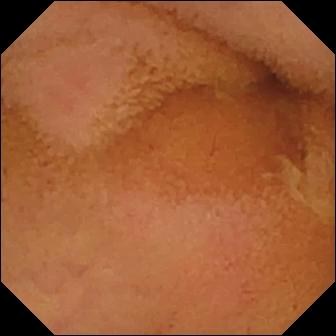Small-bowel capsule endoscopy — normal clean mucosa.